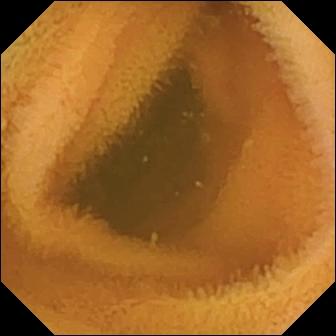Q: What does this video capsule endoscopy frame of the small intestine show?
A: Normal clean mucosa.